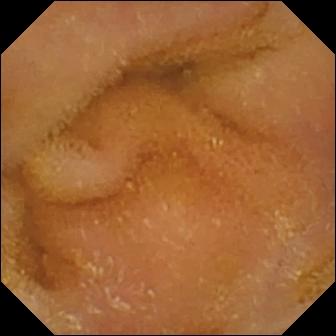Small-bowel capsule endoscopy still (small intestine). Normal clean mucosa.